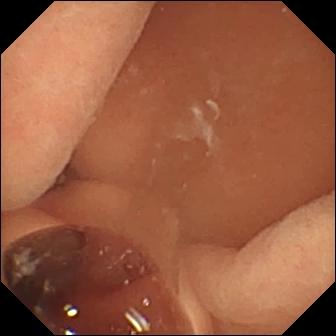WCE. Finding: normal clean mucosa.